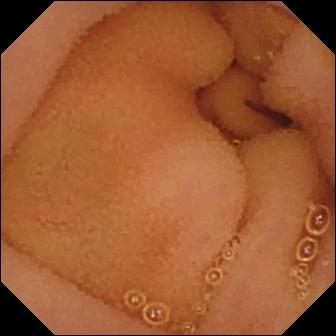modality: WCE; observation: normal clean mucosa